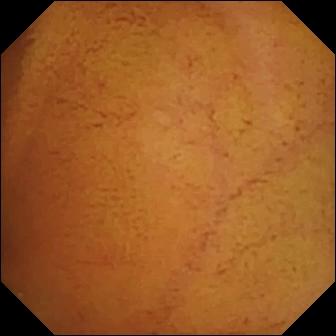PROCEDURE: Small-bowel capsule endoscopy.
SEGMENT: Small intestine.
FINDINGS: Normal clean mucosa.